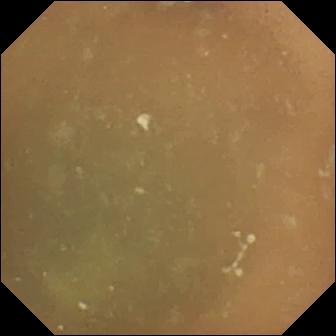Capsule endoscopy image, small bowel
Impression: normal clean mucosa